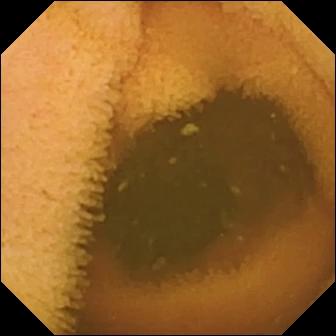WCE still, small intestine
Observation: normal clean mucosa